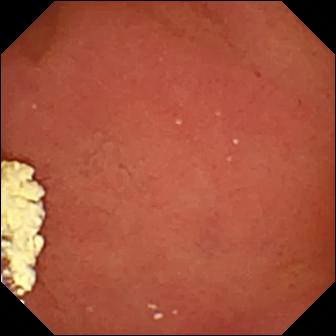Pylorus region.